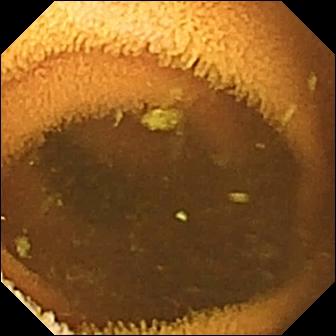Normal clean mucosa.